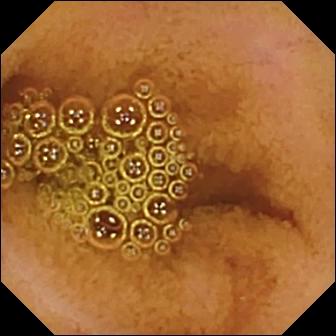VCE snapshot. Normal clean mucosa.